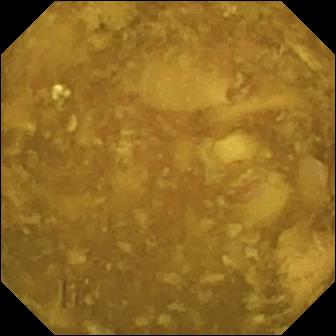Small-bowel capsule endoscopy snapshot of the small bowel showing reduced mucosal view (content or bubbles obscuring the mucosa).